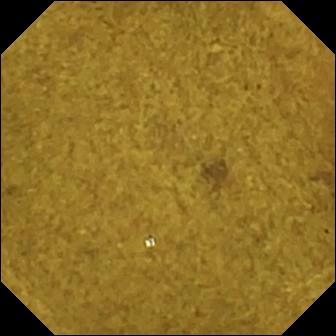- modality: wireless capsule endoscopy
- position: ileo-cecal valve region